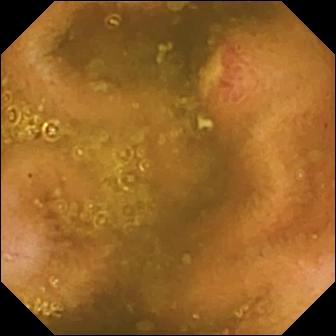Capsule endoscopy. Luminal finding. Label: ulcer.